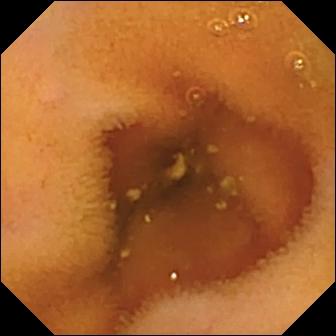Video capsule endoscopy frame (small intestine). Normal clean mucosa.